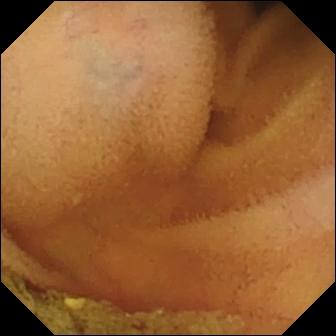Normal clean mucosa — video capsule endoscopy view of the small bowel.